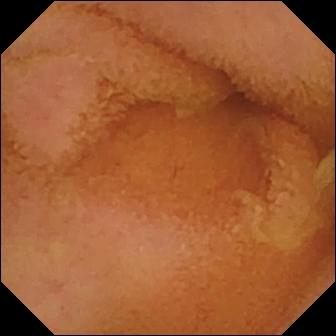VCE frame, small intestine
Impression: normal clean mucosa